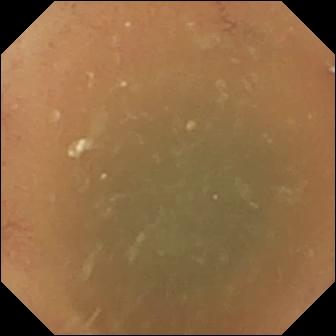Small-bowel capsule endoscopy. Impression: normal clean mucosa.